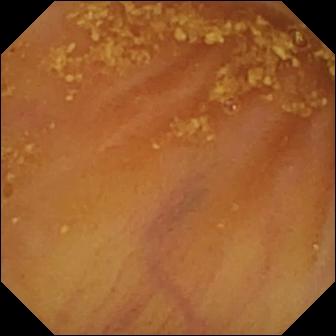WCE view taken in the ileo-cecal valve region (the transition from the small bowel to the large bowel).